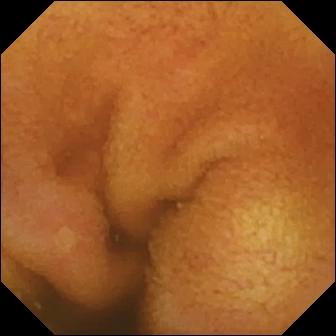Wireless capsule endoscopy — erosion.